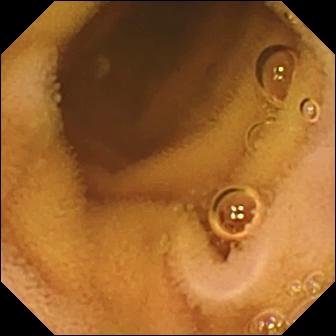modality: WCE; segment: small intestine; impression: normal clean mucosa